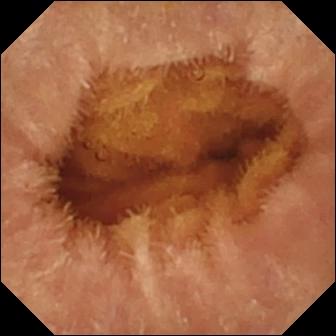Small-bowel capsule endoscopy. Label: normal clean mucosa.